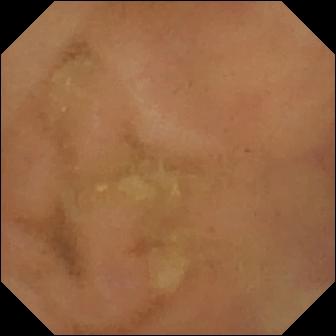- modality: VCE
- category: luminal finding
- label: normal clean mucosa